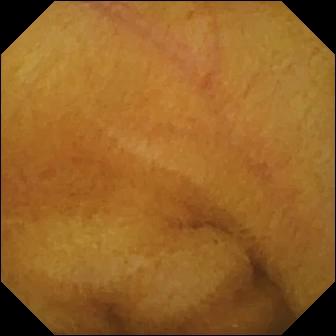{"modality": "VCE", "segment": "small bowel", "finding": "normal clean mucosa"}